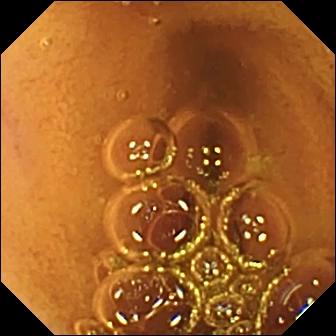Normal clean mucosa.